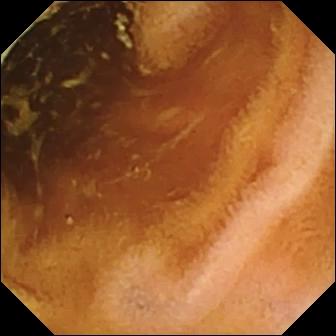Normal clean mucosa — VCE still.